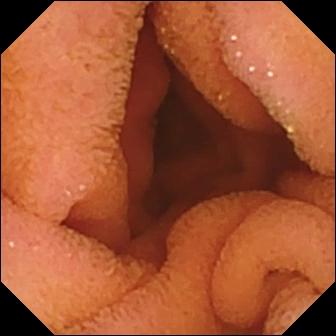{"modality": "VCE", "segment": "small bowel", "category": "luminal finding", "finding": "normal clean mucosa"}